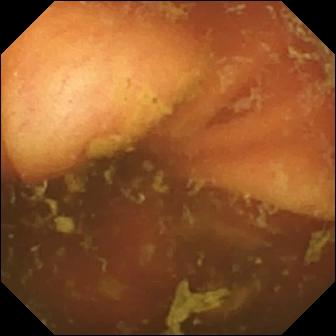modality: VCE | label: ileo-cecal valve region (the transition from the small bowel to the large bowel)